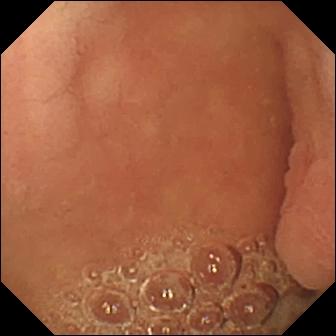- modality: capsule endoscopy
- category: anatomical landmark
- label: pylorus region (where the capsule passes from the stomach into the small bowel)